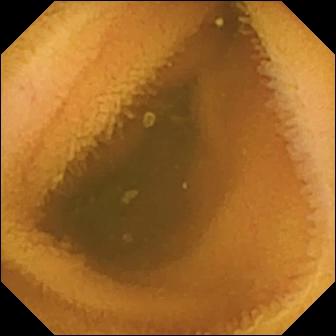Q: What does this WCE image of the small bowel show?
A: Normal clean mucosa.